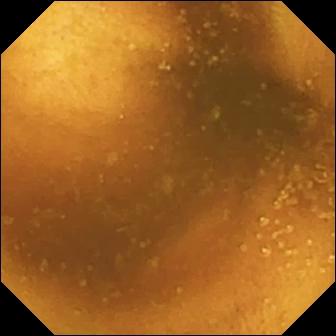- modality: VCE
- segment: small intestine
- label: normal clean mucosa